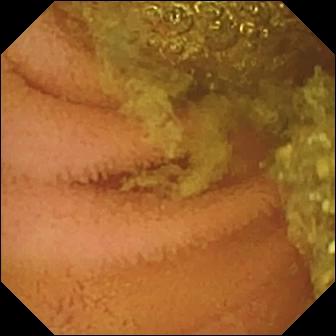- modality: video capsule endoscopy
- observation: normal clean mucosa